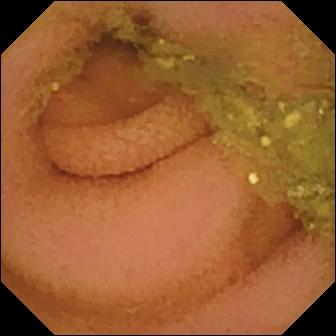Q: What does this small-bowel capsule endoscopy image of the small intestine show?
A: Normal clean mucosa.